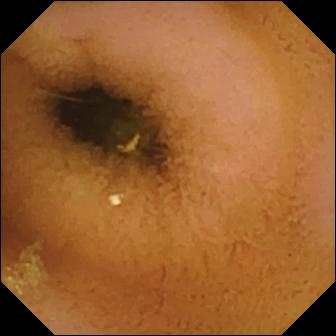modality: small-bowel capsule endoscopy
category: luminal finding
observation: normal clean mucosa